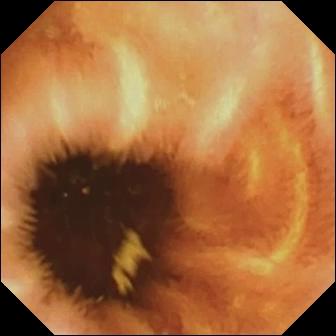Q: What does this small-bowel capsule endoscopy frame show?
A: Normal clean mucosa.